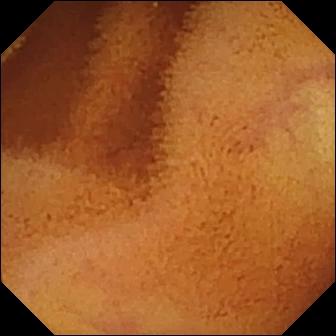WCE image
Label: normal clean mucosa